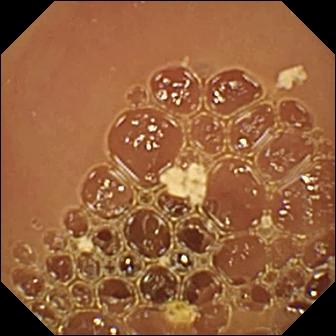Video capsule endoscopy. Finding: normal clean mucosa.